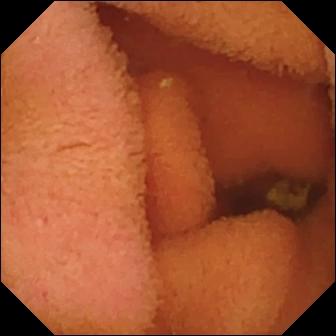WCE. Impression: normal clean mucosa.